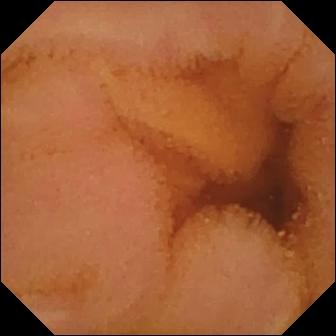PROCEDURE: Video capsule endoscopy.
FINDINGS: Normal clean mucosa.